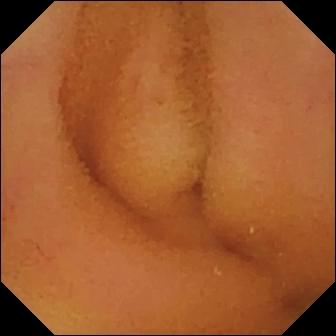PROCEDURE: VCE.
FINDINGS: Normal clean mucosa.